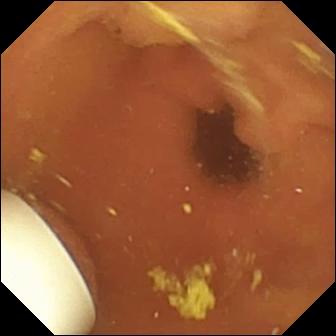Small-bowel capsule endoscopy frame. Foreign body (e.g. retained capsule, tablet residue).